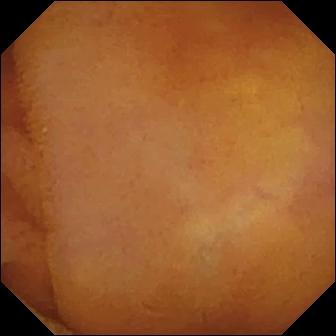Normal clean mucosa — small-bowel capsule endoscopy snapshot of the small bowel.